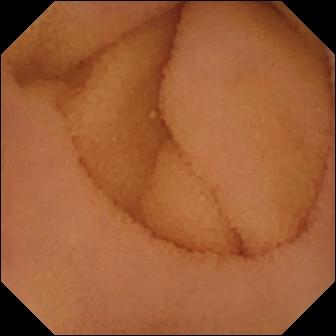Small-bowel capsule endoscopy. Small intestine. Label: normal clean mucosa.